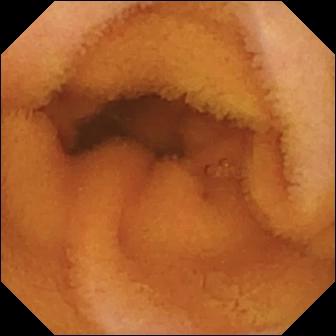Normal clean mucosa.